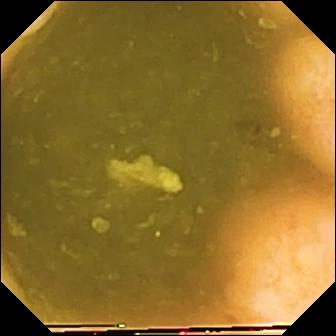Small-bowel capsule endoscopy image taken in the ileo-cecal valve region (the transition from the small bowel to the large bowel).